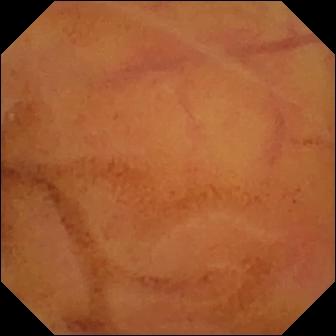Q: What does this VCE still show?
A: Normal clean mucosa.